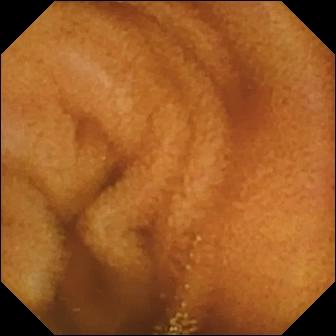- modality: wireless capsule endoscopy
- segment: small bowel
- finding: normal clean mucosa